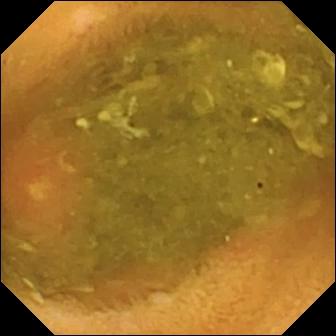Ulcer — small-bowel capsule endoscopy image.